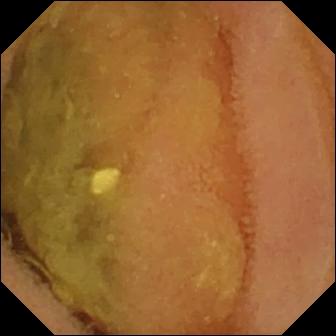Normal clean mucosa — capsule endoscopy frame of the small intestine.